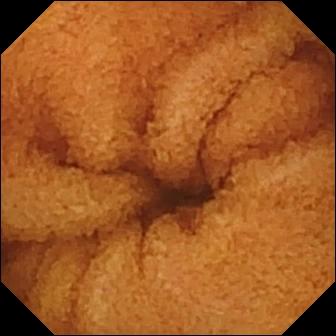Q: What does this capsule endoscopy image of the small bowel show?
A: Normal clean mucosa.